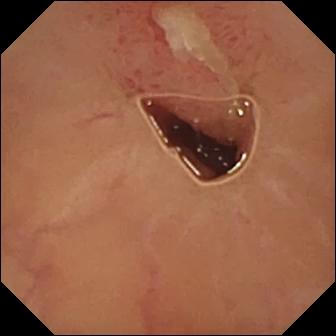{"modality": "video capsule endoscopy", "finding": "ulcer"}